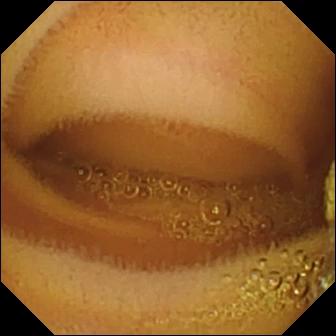Wireless capsule endoscopy — lymphangiectasia.